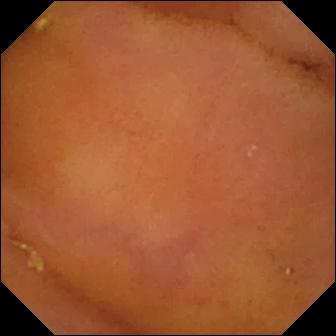Q: What does this video capsule endoscopy frame of the small intestine show?
A: Normal clean mucosa.